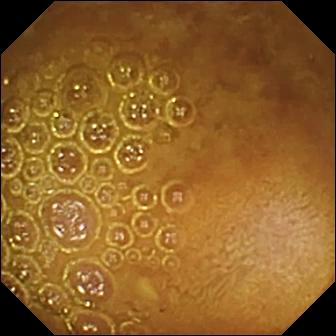Video capsule endoscopy. Luminal finding. Label: reduced mucosal view (content or bubbles obscuring the mucosa).